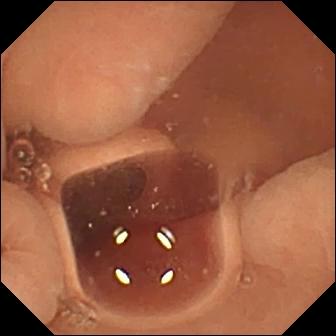Small-bowel capsule endoscopy view showing normal clean mucosa.